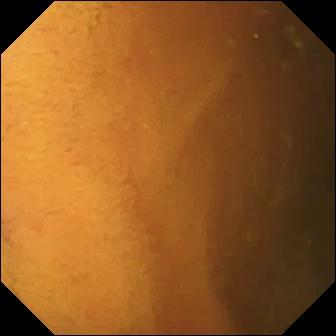{"modality": "wireless capsule endoscopy", "segment": "small bowel", "finding": "normal clean mucosa"}